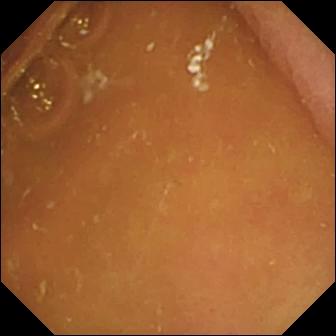PROCEDURE: Wireless capsule endoscopy.
LOCATION: Pylorus region (the junction between the stomach and the small bowel).